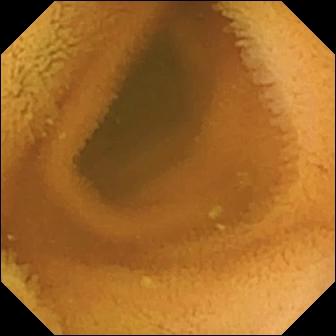{"modality": "video capsule endoscopy", "segment": "small intestine", "category": "luminal finding", "finding": "normal clean mucosa"}